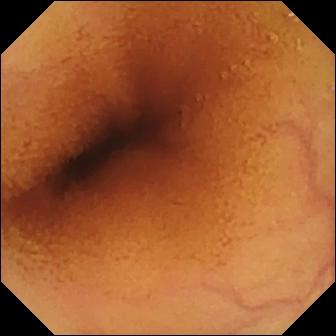- modality: video capsule endoscopy
- segment: small bowel
- category: luminal finding
- label: normal clean mucosa